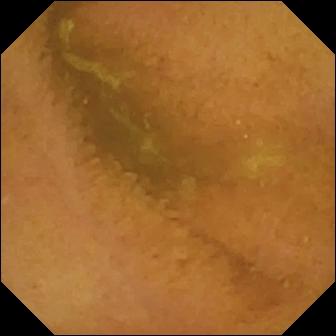- modality: small-bowel capsule endoscopy
- category: luminal finding
- label: normal clean mucosa